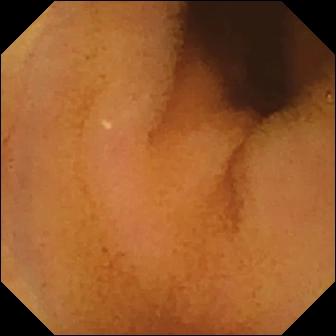Wireless capsule endoscopy — normal clean mucosa.